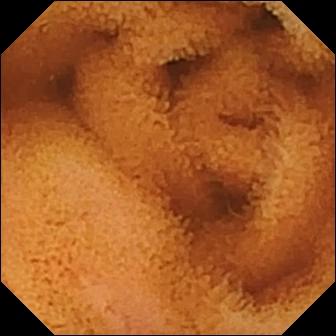Small-bowel capsule endoscopy view
Impression: normal clean mucosa